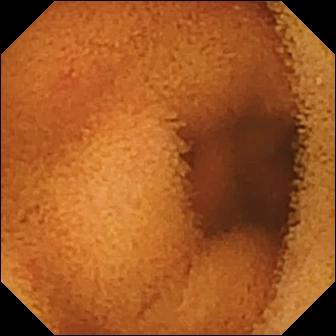Normal clean mucosa — capsule endoscopy image of the small intestine.